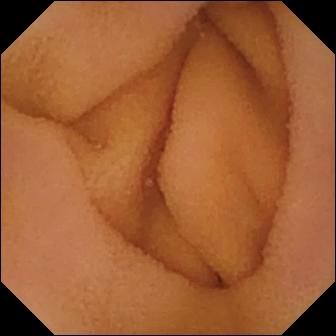Normal clean mucosa (336×336).